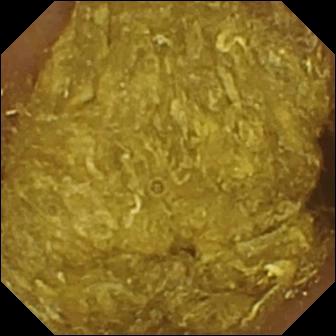Reduced mucosal view (content or bubbles obscuring the mucosa) — WCE image of the small intestine.